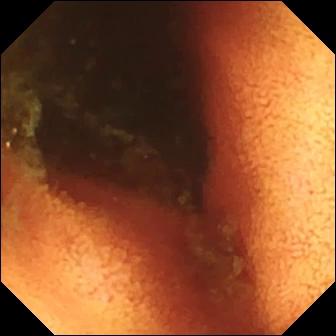Video capsule endoscopy still taken in the ileo-cecal valve region (the transition from the small bowel to the large bowel).